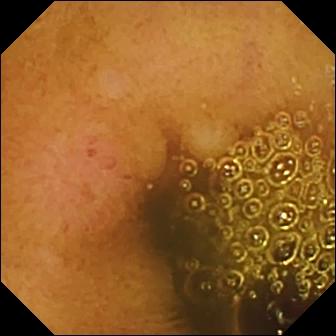Erosion — wireless capsule endoscopy still.